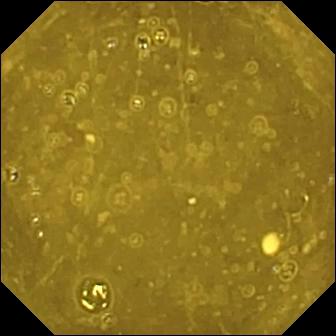PROCEDURE: Small-bowel capsule endoscopy.
POSITION: Ileo-cecal valve region (where the capsule passes from the small bowel into the large bowel).